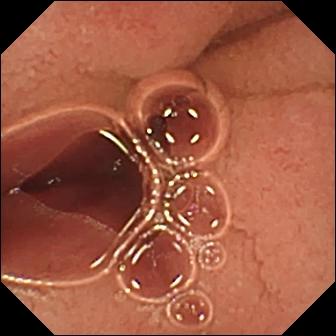Capsule endoscopy. Near an anatomical landmark. Location: pylorus region (where the capsule passes from the stomach into the small bowel).